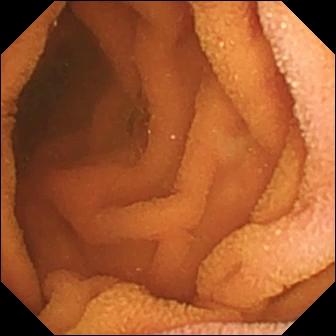- modality: capsule endoscopy
- observation: normal clean mucosa